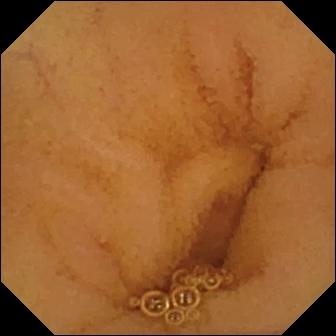Small-bowel capsule endoscopy — normal clean mucosa.